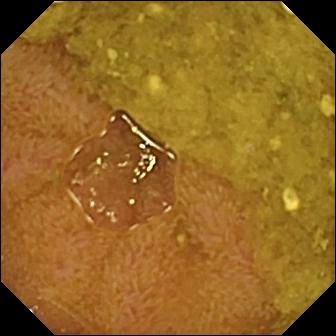Q: Where in the digestive tract was this video capsule endoscopy still taken?
A: Ileo-cecal valve region.